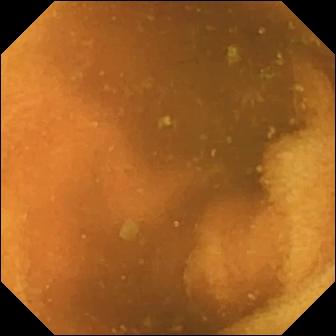Capsule endoscopy view of the small intestine showing normal clean mucosa.